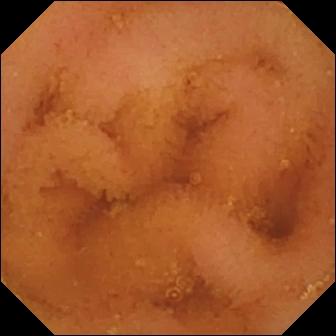Normal clean mucosa.